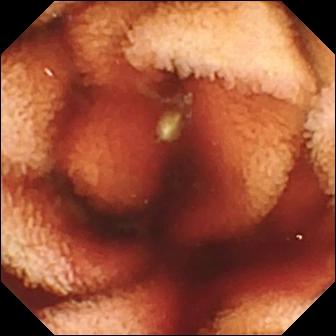{"modality": "capsule endoscopy", "finding": "fresh blood in the lumen"}